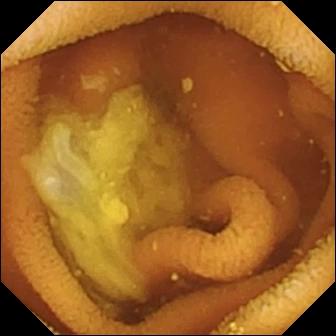This wireless capsule endoscopy frame of the small intestine shows normal clean mucosa.